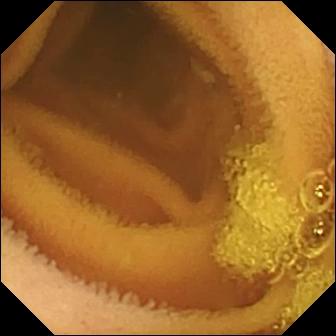WCE frame showing normal clean mucosa.